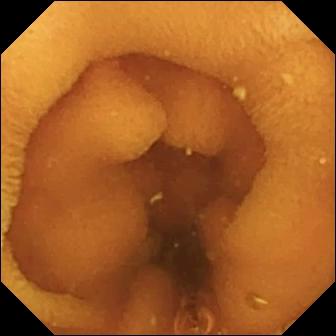modality: VCE; segment: small bowel; category: luminal finding; observation: normal clean mucosa